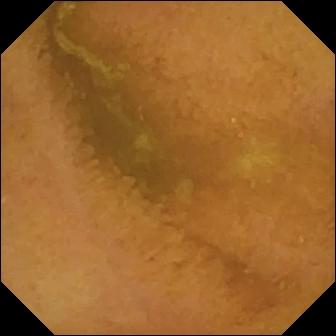Small-bowel capsule endoscopy still showing normal clean mucosa.